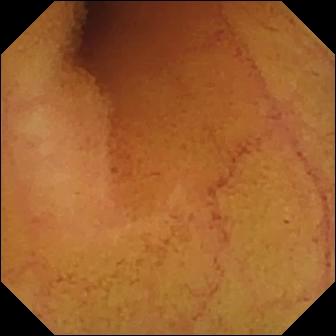Video capsule endoscopy snapshot
Finding: normal clean mucosa